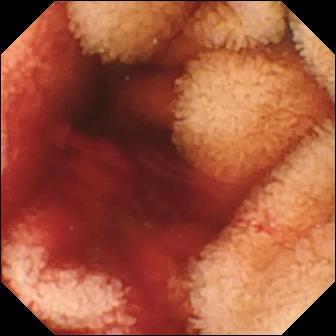{"modality": "WCE", "finding": "fresh blood in the lumen"}